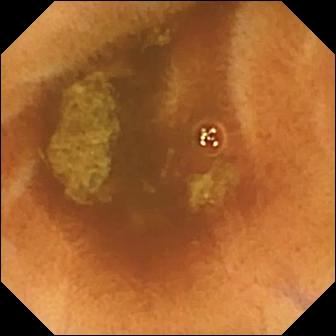VCE snapshot of the small intestine showing normal clean mucosa.